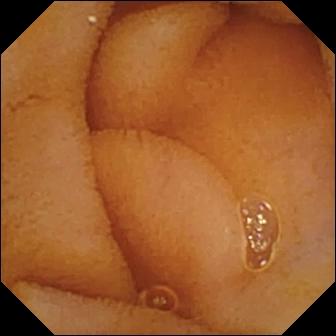VCE view
Label: normal clean mucosa